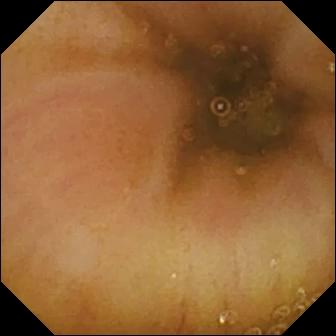- modality: WCE
- location: ileo-cecal valve region (the transition from the small bowel to the large bowel)